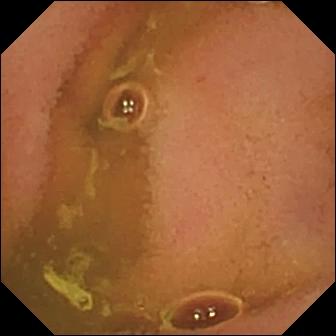{"modality": "WCE", "segment": "small bowel", "finding": "normal clean mucosa"}